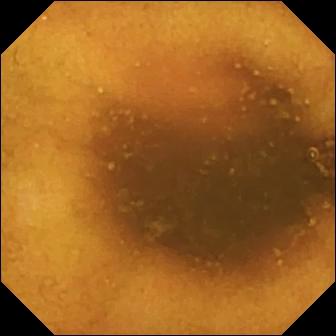{"modality": "WCE", "segment": "small bowel", "finding": "normal clean mucosa"}